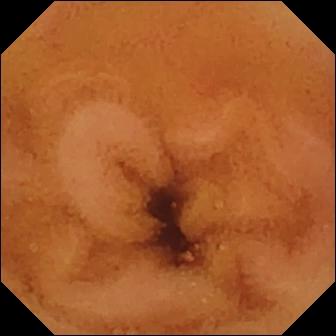Small-bowel capsule endoscopy. Small intestine. Observation: normal clean mucosa.